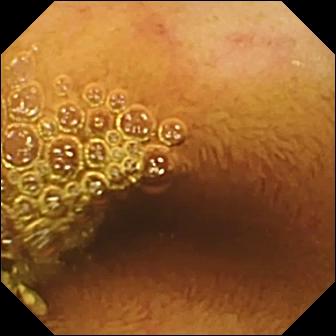{"modality": "small-bowel capsule endoscopy", "finding": "normal clean mucosa"}